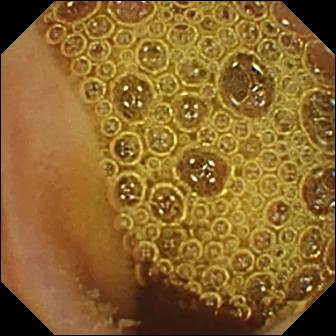{"modality": "VCE", "category": "luminal finding", "finding": "normal clean mucosa"}